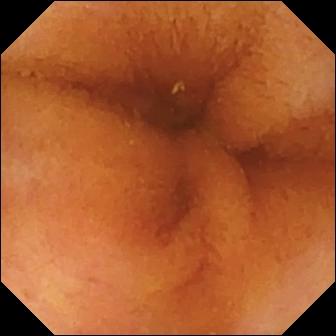Small-bowel capsule endoscopy. Luminal finding. Impression: normal clean mucosa.